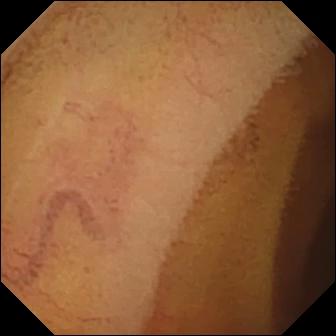WCE still
Finding: normal clean mucosa